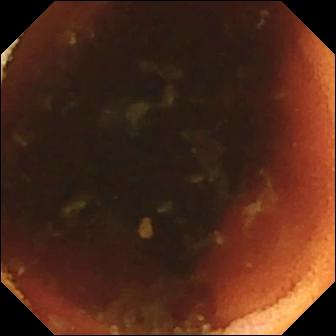Q: Where in the digestive tract was this VCE view taken?
A: Ileo-cecal valve region (the transition from the small bowel to the large bowel).